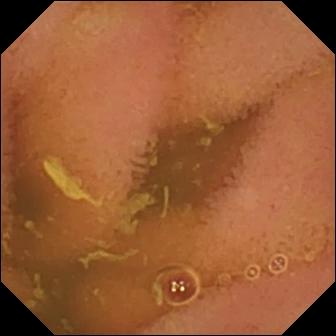{"modality": "VCE", "finding": "normal clean mucosa"}